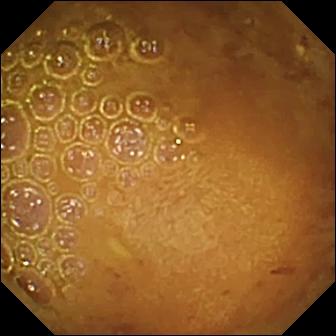PROCEDURE: Wireless capsule endoscopy.
SEGMENT: Small intestine.
FINDINGS: Reduced mucosal view (content or bubbles obscuring the mucosa).